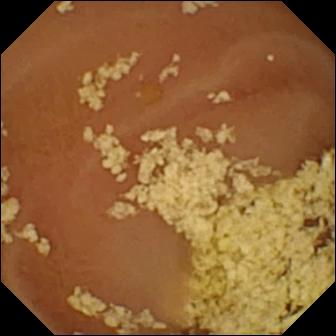VCE snapshot
Label: normal clean mucosa